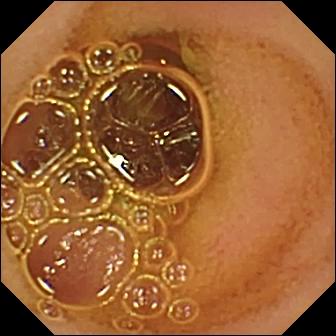Wireless capsule endoscopy — normal clean mucosa.